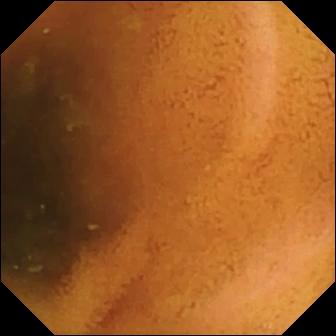Capsule endoscopy snapshot
Observation: normal clean mucosa